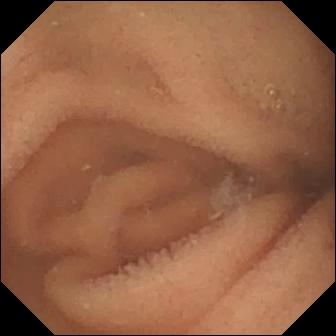WCE still (small bowel). Normal clean mucosa.